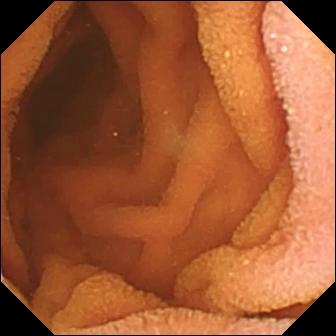This wireless capsule endoscopy snapshot shows normal clean mucosa.